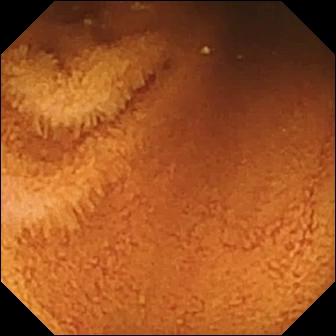Capsule endoscopy image, small intestine
Impression: normal clean mucosa